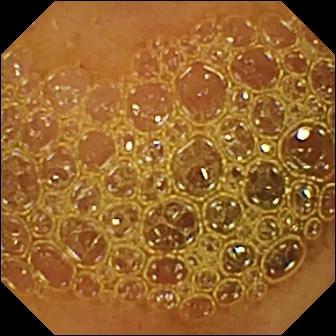Video capsule endoscopy snapshot (small intestine). Reduced mucosal view (content or bubbles obscuring the mucosa).